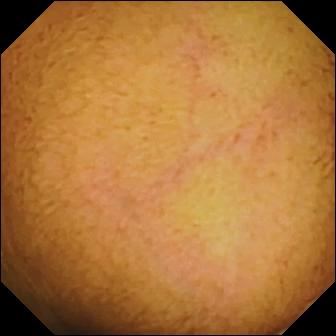This video capsule endoscopy still shows normal clean mucosa.